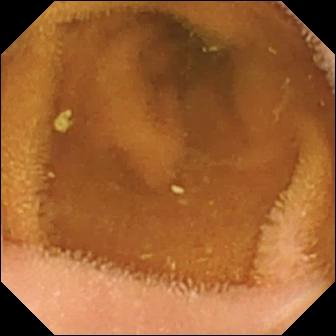Normal clean mucosa.